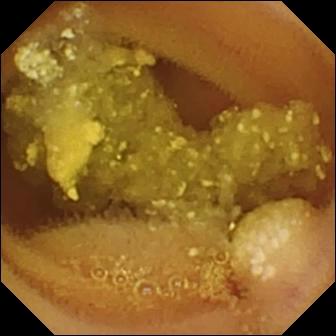Q: What does this video capsule endoscopy still show?
A: Lymphangiectasia.